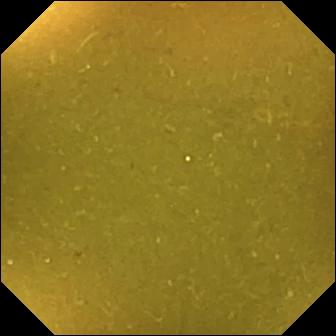Ileo-cecal valve region, 336×336.